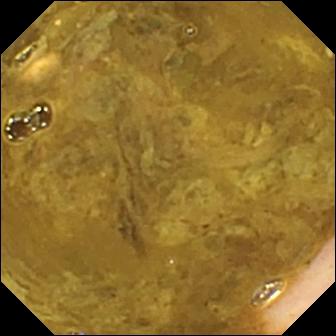Video capsule endoscopy frame
Location: ileo-cecal valve region